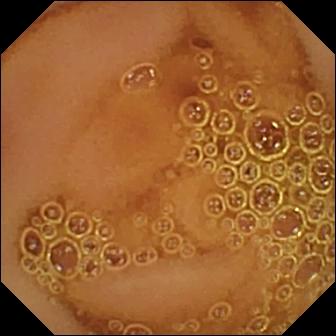Q: What does this WCE view of the small intestine show?
A: Normal clean mucosa.